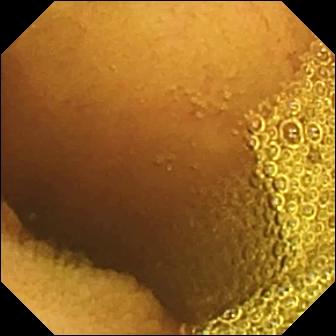Video capsule endoscopy. Small intestine. Impression: normal clean mucosa.